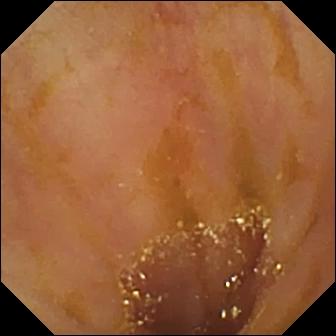PROCEDURE: Small-bowel capsule endoscopy.
VIDEO SEGMENT: Ileo-cecal valve region (where the capsule passes from the small bowel into the large bowel).